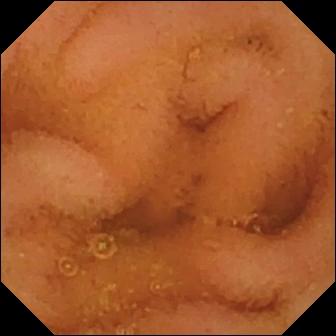WCE frame showing normal clean mucosa.